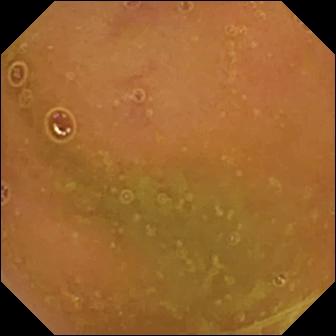PROCEDURE: Capsule endoscopy.
FINDINGS: Normal clean mucosa.